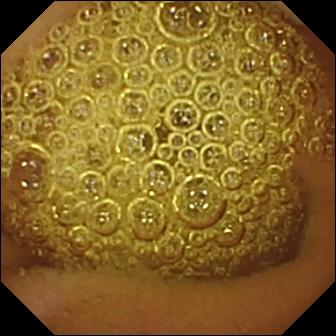Capsule endoscopy. Impression: normal clean mucosa.